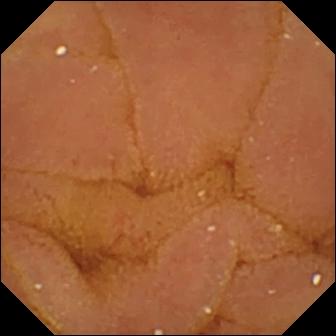Capsule endoscopy — normal clean mucosa.